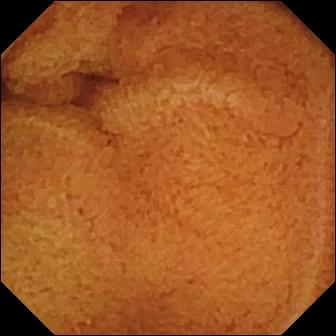VCE still, small intestine
Finding: normal clean mucosa